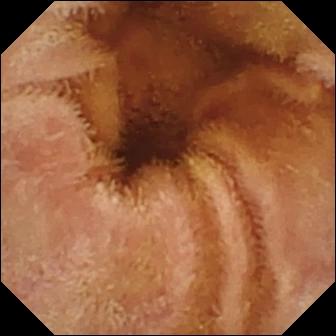Video capsule endoscopy. Finding: normal clean mucosa.